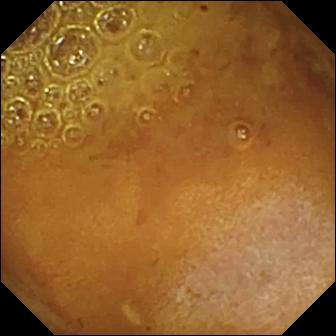This small-bowel capsule endoscopy snapshot of the small intestine shows reduced mucosal view (content or bubbles obscuring the mucosa).